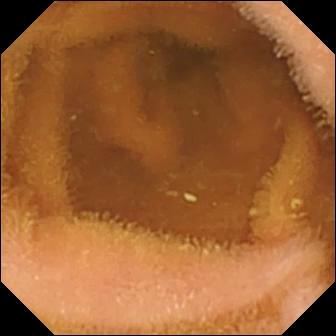Normal clean mucosa.